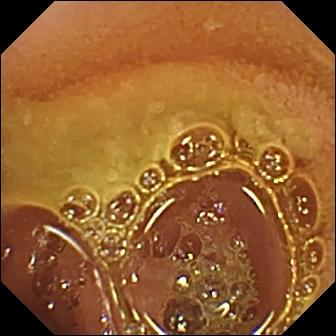VCE still, small bowel
Observation: normal clean mucosa